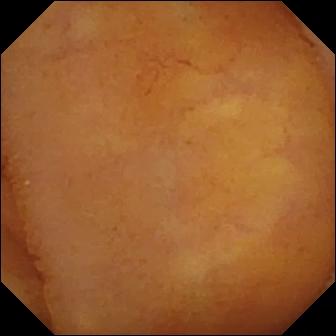This video capsule endoscopy image of the small intestine shows normal clean mucosa.